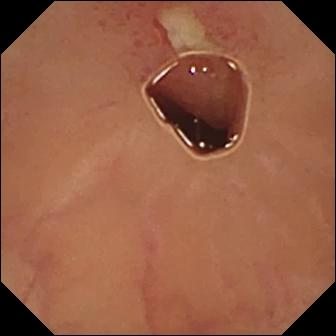{"modality": "capsule endoscopy", "finding": "ulcer"}